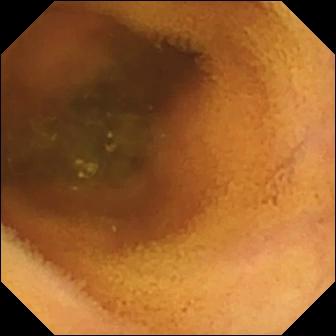VCE — normal clean mucosa.